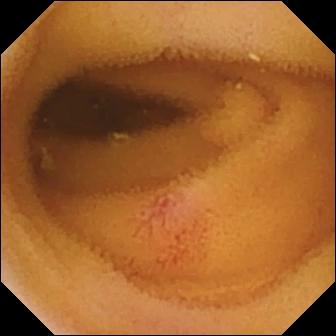- modality: small-bowel capsule endoscopy
- impression: angiectasia